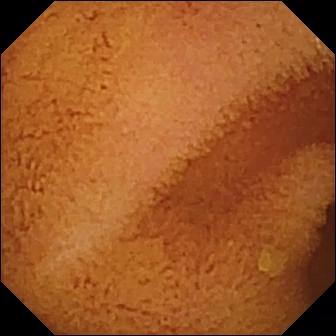PROCEDURE: VCE.
FINDINGS: Normal clean mucosa.